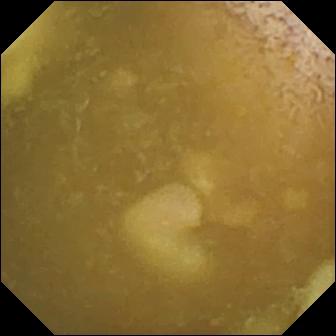- modality: wireless capsule endoscopy
- location: ileo-cecal valve region